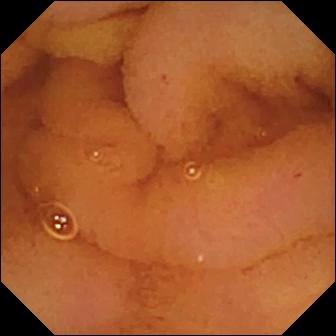VCE. Small bowel. Finding: normal clean mucosa.